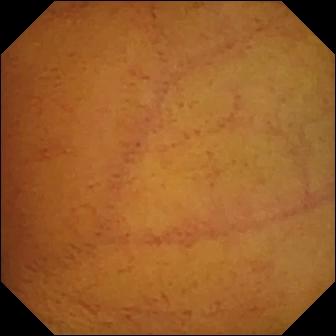Capsule endoscopy — normal clean mucosa.